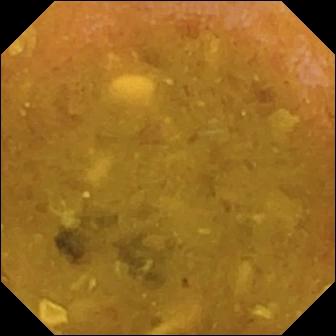Capsule endoscopy snapshot of the small bowel showing reduced mucosal view (content or bubbles obscuring the mucosa).